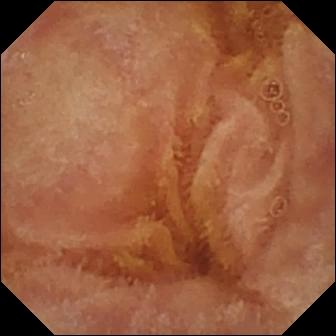modality: video capsule endoscopy | segment: small intestine | finding: normal clean mucosa